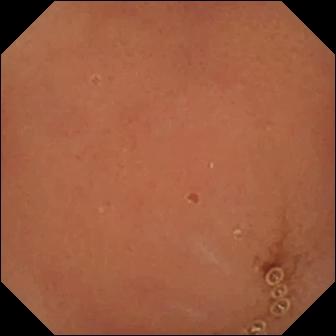Small-bowel capsule endoscopy — normal clean mucosa.